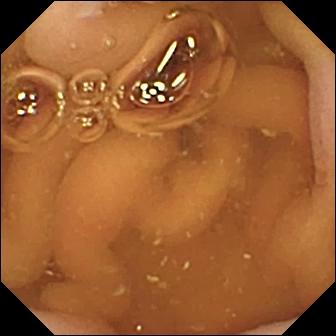Wireless capsule endoscopy. Near an anatomical landmark. Location: pylorus region (where the capsule passes from the stomach into the small bowel).